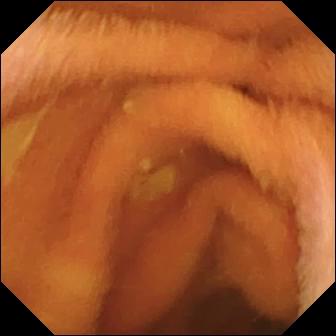modality: capsule endoscopy; finding: normal clean mucosa